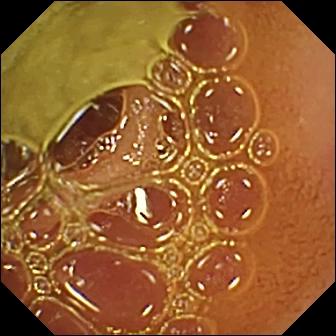Normal clean mucosa.